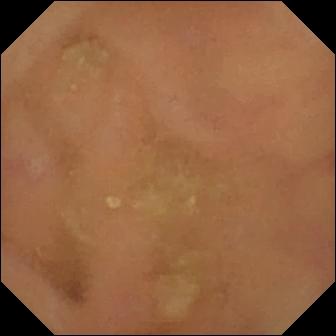Normal clean mucosa — small-bowel capsule endoscopy frame of the small bowel.